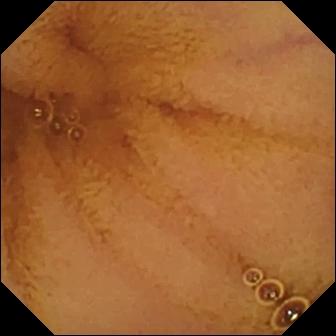{"modality": "small-bowel capsule endoscopy", "segment": "small bowel", "category": "luminal finding", "finding": "normal clean mucosa"}